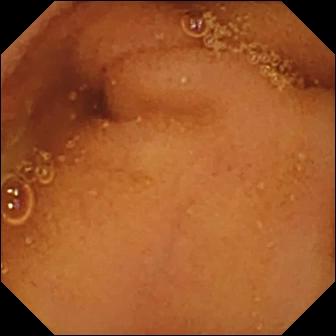PROCEDURE: Small-bowel capsule endoscopy.
SEGMENT: Small intestine.
FINDINGS: Normal clean mucosa.